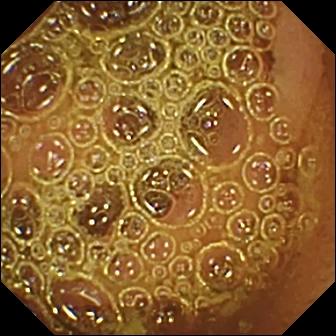Normal clean mucosa.